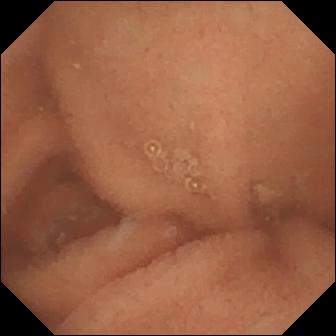VCE snapshot showing normal clean mucosa.